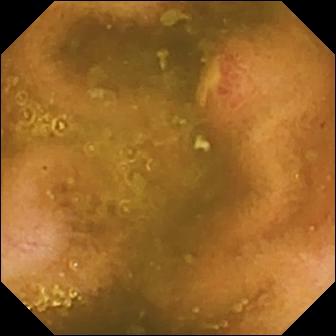Video capsule endoscopy still showing ulcer.